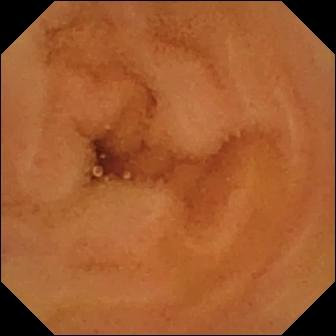Q: What does this capsule endoscopy image of the small intestine show?
A: Normal clean mucosa.